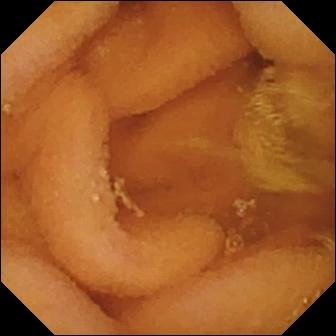Small-bowel capsule endoscopy — normal clean mucosa.